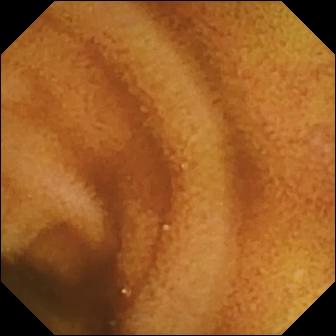- modality: VCE
- impression: normal clean mucosa